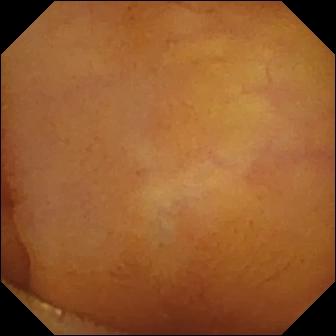This video capsule endoscopy snapshot shows normal clean mucosa.